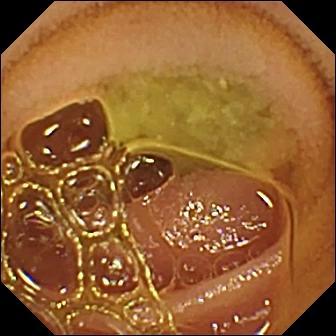VCE still, small bowel
Finding: normal clean mucosa